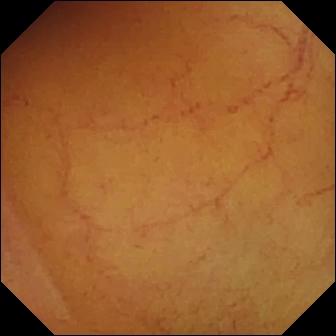WCE — normal clean mucosa.